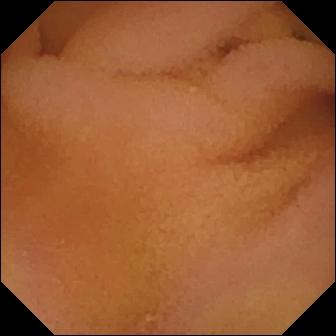PROCEDURE: Video capsule endoscopy.
FINDINGS: Normal clean mucosa.